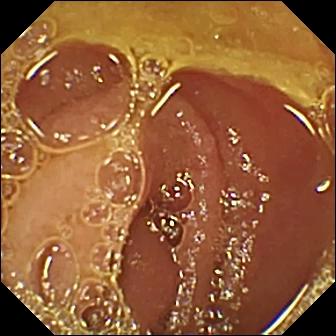This WCE frame of the small bowel shows normal clean mucosa.